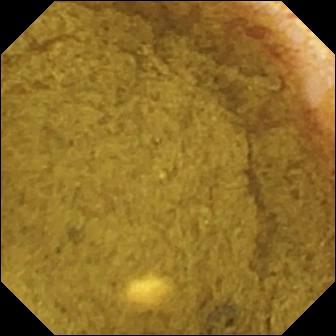{"modality": "capsule endoscopy", "label": "ileo-cecal valve region"}